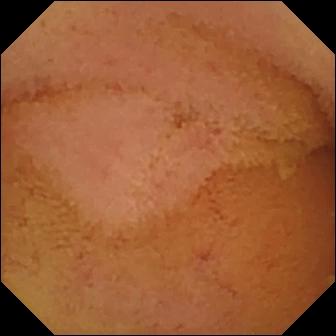This WCE frame of the small bowel shows normal clean mucosa.